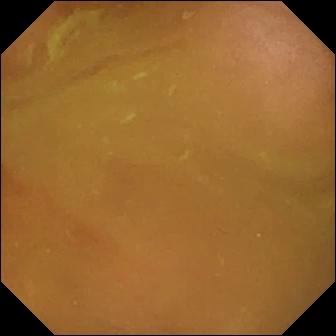This capsule endoscopy view of the small bowel shows normal clean mucosa.